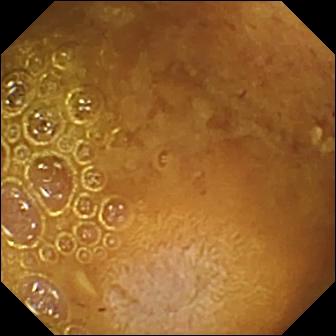VCE frame
Impression: reduced mucosal view (content or bubbles obscuring the mucosa)